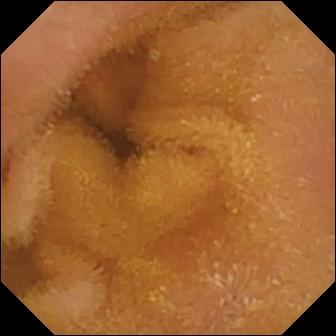Capsule endoscopy. Finding: normal clean mucosa.